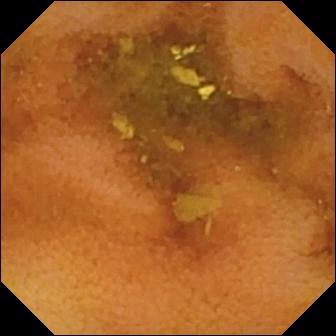Small-bowel capsule endoscopy — normal clean mucosa.